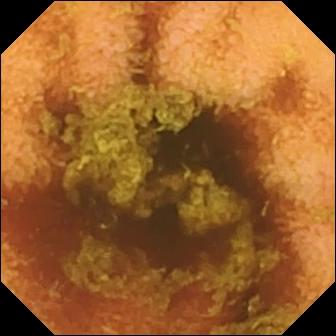This small-bowel capsule endoscopy image shows normal clean mucosa.